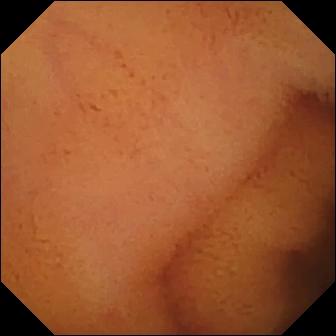Q: What does this WCE view show?
A: Normal clean mucosa.